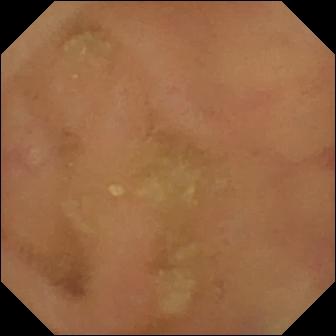This capsule endoscopy frame shows normal clean mucosa.